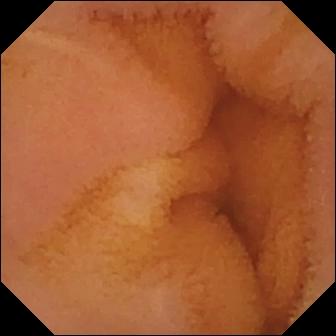PROCEDURE: Small-bowel capsule endoscopy.
FINDINGS: Normal clean mucosa.